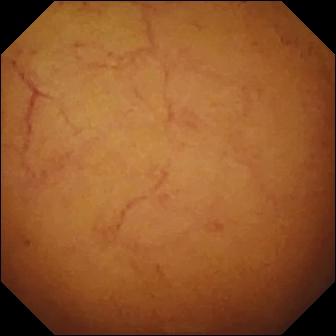WCE. Luminal finding. Observation: normal clean mucosa.